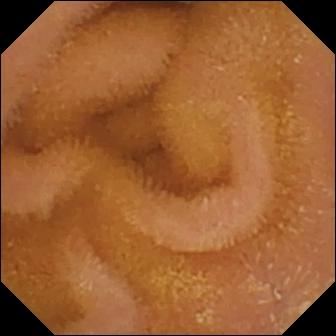Wireless capsule endoscopy — normal clean mucosa.